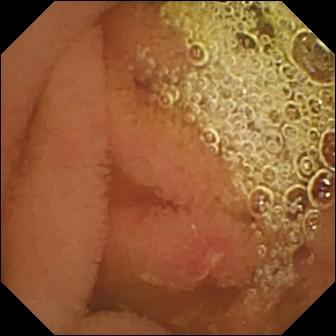Erosion (336×336).